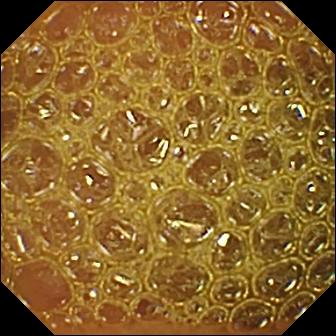Q: What does this WCE still show?
A: Reduced mucosal view (content or bubbles obscuring the mucosa).